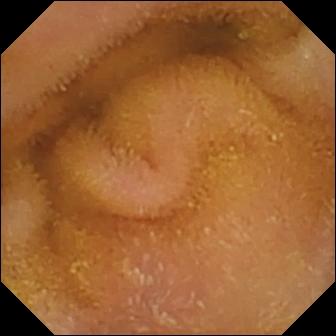Normal clean mucosa.